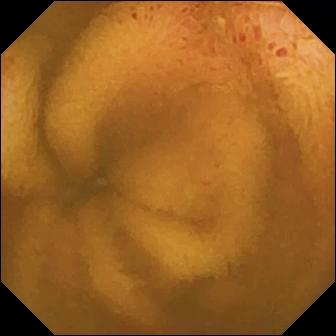Wireless capsule endoscopy. Impression: erosion.